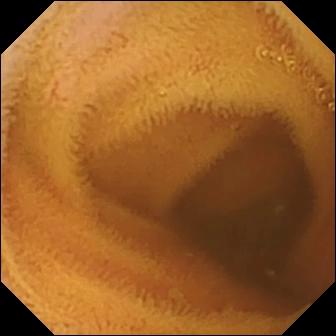WCE still of the small intestine showing normal clean mucosa.